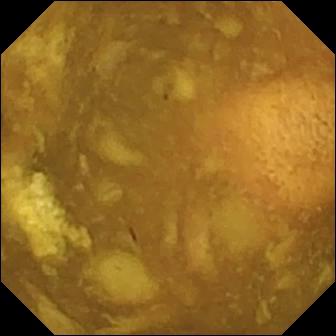WCE. Small bowel. Impression: reduced mucosal view (content or bubbles obscuring the mucosa).